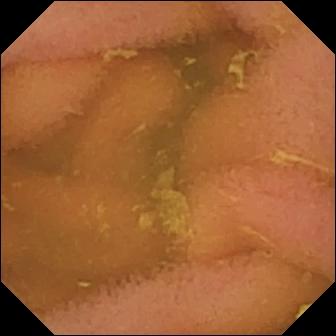Wireless capsule endoscopy. Luminal finding. Impression: normal clean mucosa.